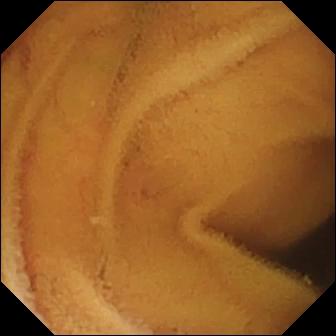Normal clean mucosa — capsule endoscopy snapshot of the small intestine.